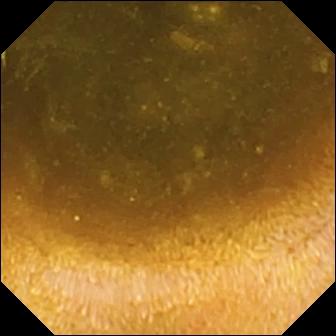Q: What does this wireless capsule endoscopy snapshot show?
A: Foreign body (e.g. retained capsule, tablet residue).